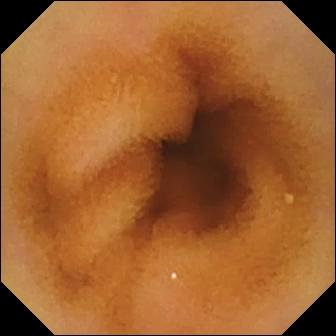Small-bowel capsule endoscopy frame. Normal clean mucosa.